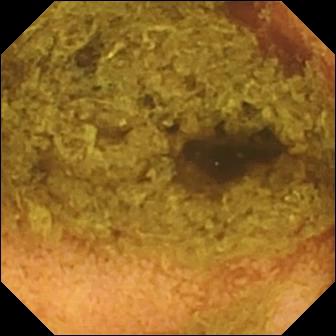Capsule endoscopy. Observation: normal clean mucosa.